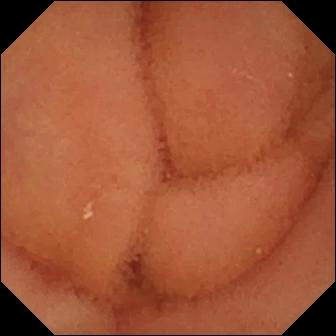Wireless capsule endoscopy snapshot (small bowel). Normal clean mucosa.